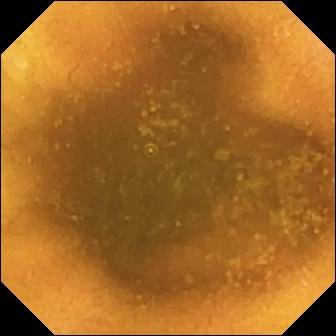- modality: capsule endoscopy
- observation: normal clean mucosa